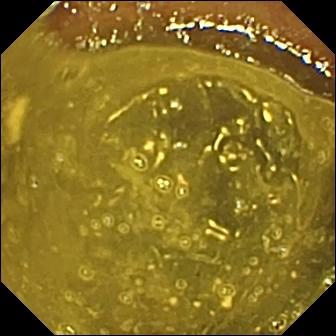Q: Where in the digestive tract was this small-bowel capsule endoscopy snapshot taken?
A: Ileo-cecal valve region.